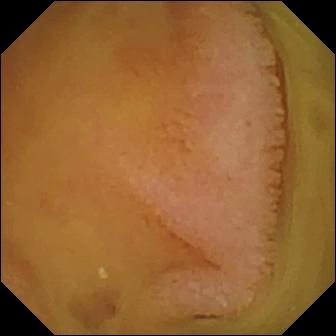{"modality": "WCE", "segment": "small intestine", "finding": "normal clean mucosa"}